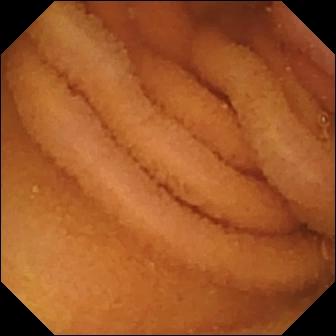{"modality": "VCE", "segment": "small bowel", "category": "luminal finding", "finding": "normal clean mucosa"}